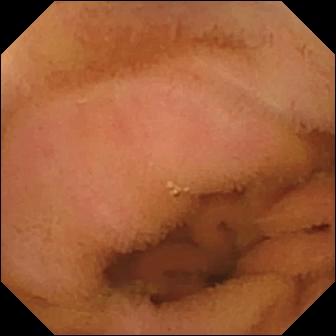Normal clean mucosa.